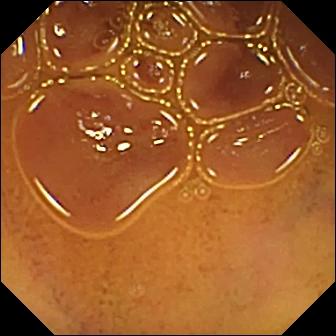{"modality": "small-bowel capsule endoscopy", "segment": "small bowel", "finding": "normal clean mucosa"}